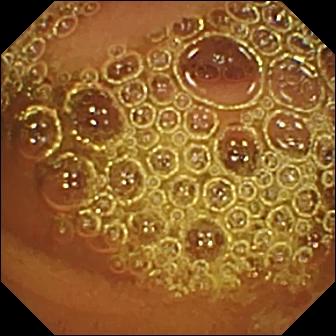- modality: VCE
- segment: small bowel
- category: luminal finding
- label: normal clean mucosa